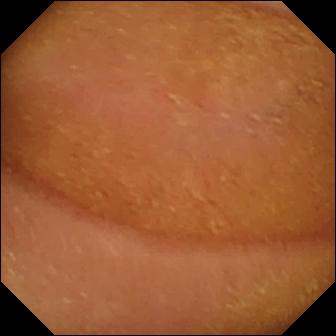WCE snapshot showing normal clean mucosa.